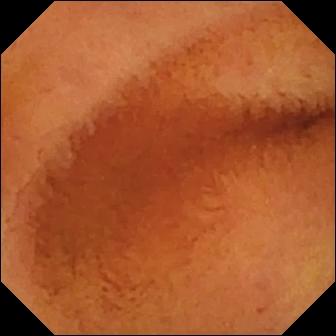- modality: capsule endoscopy
- segment: small intestine
- observation: normal clean mucosa